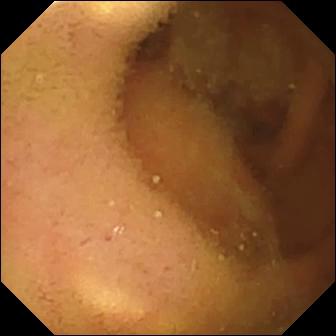Video capsule endoscopy. Observation: normal clean mucosa.